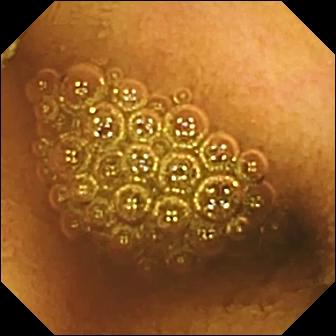Reduced mucosal view (content or bubbles obscuring the mucosa) (336×336).